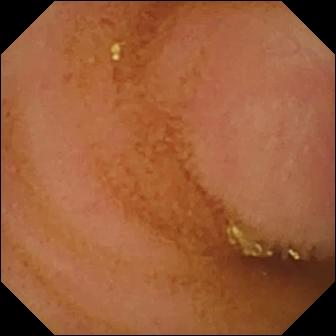VCE snapshot of the small bowel showing normal clean mucosa.